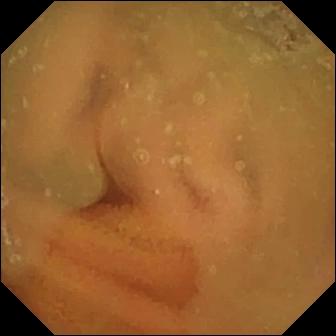modality: wireless capsule endoscopy | observation: normal clean mucosa